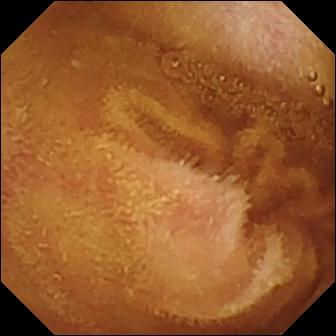WCE view (small bowel). Normal clean mucosa.